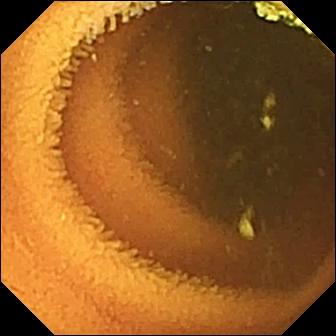Normal clean mucosa.